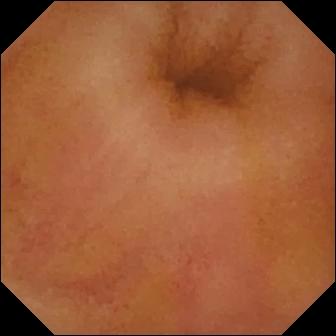Erythema (mucosal redness) — capsule endoscopy view.